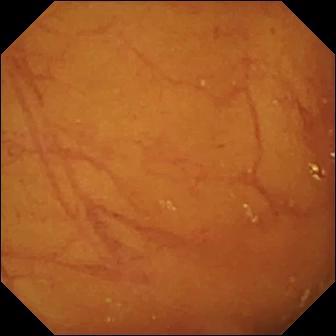VCE — ileo-cecal valve region (the transition from the small bowel to the large bowel).